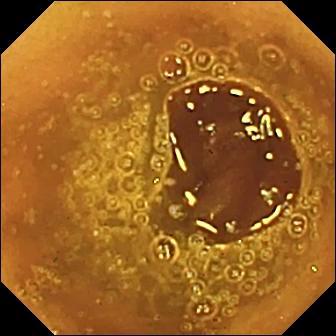Wireless capsule endoscopy view of the small bowel showing normal clean mucosa.